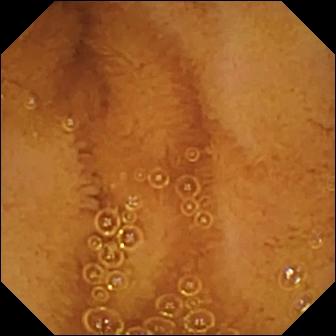Wireless capsule endoscopy snapshot
Label: normal clean mucosa